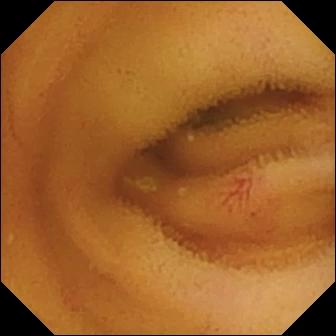VCE view. Angiectasia.